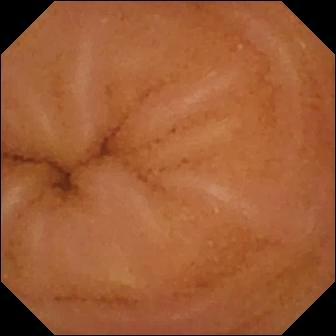WCE snapshot, small bowel
Finding: normal clean mucosa